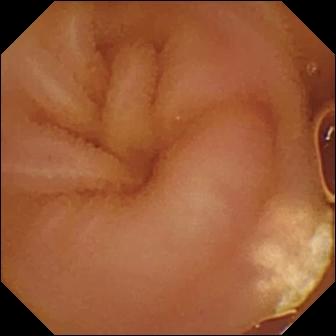Q: What does this WCE still show?
A: Lymphangiectasia.